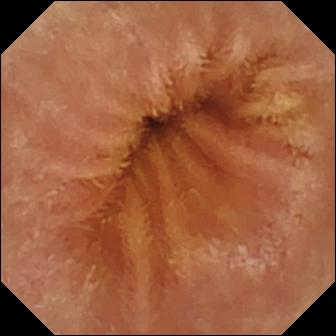PROCEDURE: Small-bowel capsule endoscopy.
FINDINGS: Normal clean mucosa.